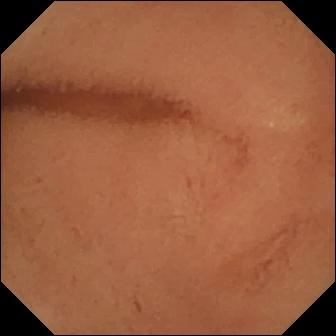Video capsule endoscopy. Small bowel. Observation: normal clean mucosa.